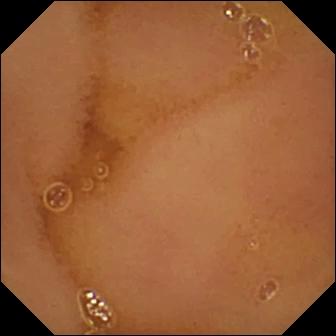- modality: WCE
- category: luminal finding
- finding: normal clean mucosa